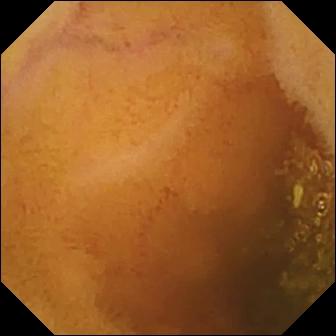Capsule endoscopy. Small intestine. Observation: normal clean mucosa.